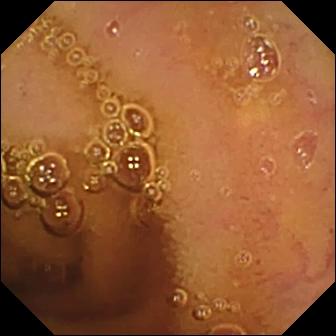VCE frame of the small intestine showing normal clean mucosa.